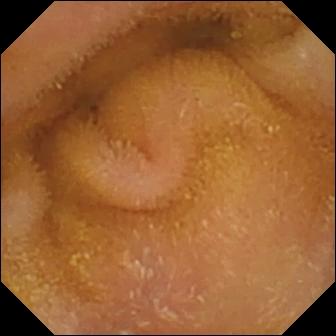modality: wireless capsule endoscopy; label: normal clean mucosa